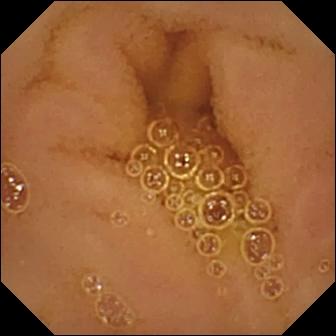PROCEDURE: Wireless capsule endoscopy.
FINDINGS: Normal clean mucosa.